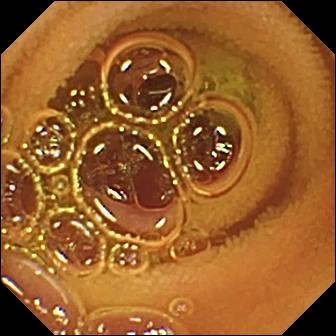- modality: capsule endoscopy
- label: normal clean mucosa